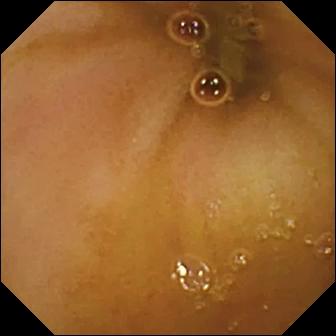Small-bowel capsule endoscopy. Location: ileo-cecal valve region (the transition from the small bowel to the large bowel).